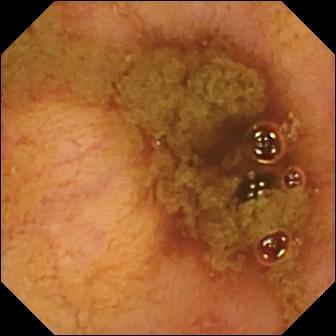modality: WCE; category: anatomical landmark; location: ileo-cecal valve region (where the capsule passes from the small bowel into the large bowel)